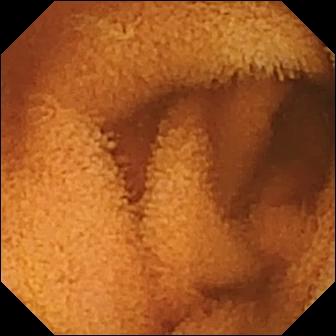- modality: small-bowel capsule endoscopy
- label: normal clean mucosa